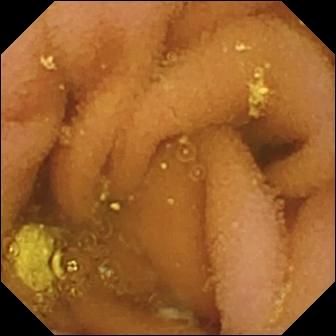VCE. Luminal finding. Label: lymphangiectasia.